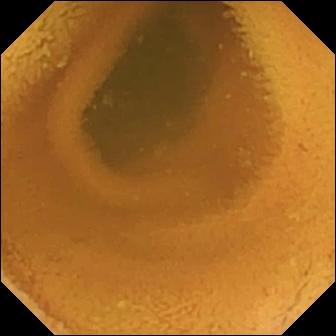Normal clean mucosa — wireless capsule endoscopy image of the small bowel.